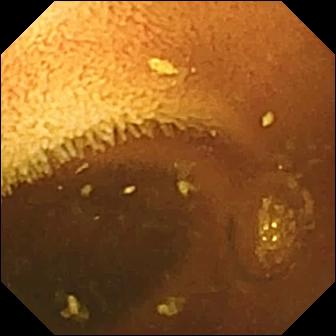Normal clean mucosa.